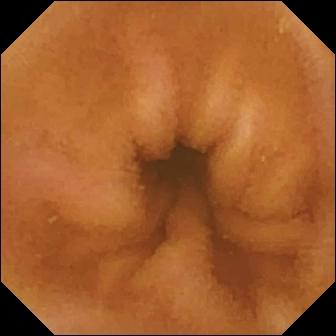Q: What does this VCE still show?
A: Normal clean mucosa.